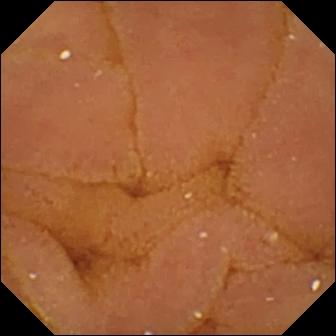modality: wireless capsule endoscopy
category: luminal finding
impression: normal clean mucosa